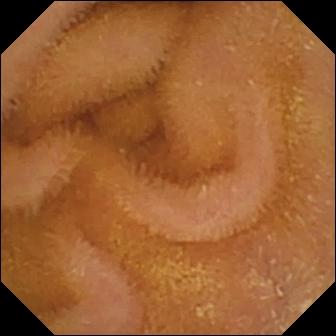- modality: small-bowel capsule endoscopy
- label: normal clean mucosa